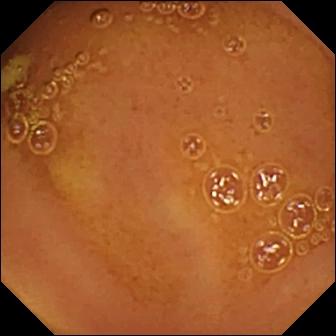Small-bowel capsule endoscopy. Impression: normal clean mucosa.